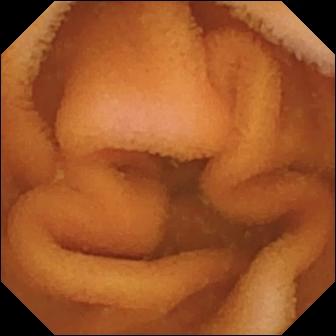WCE snapshot
Label: normal clean mucosa